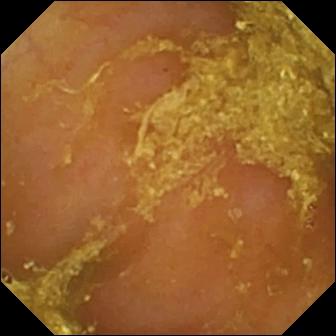- modality: VCE
- category: luminal finding
- finding: reduced mucosal view (content or bubbles obscuring the mucosa)